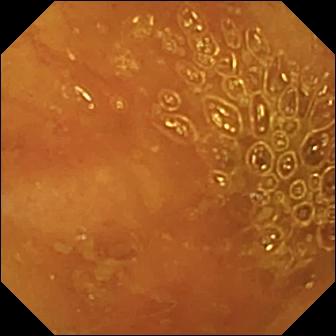{"modality": "capsule endoscopy", "video_segment": "ileo-cecal valve region (where the capsule passes from the small bowel into the large bowel)"}